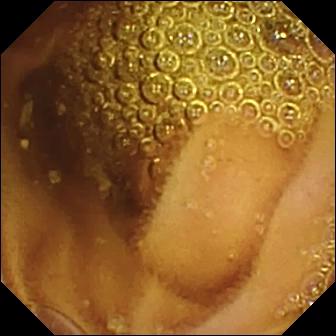Normal clean mucosa — wireless capsule endoscopy view of the small intestine.